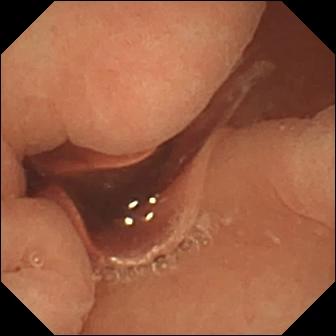VCE — normal clean mucosa.